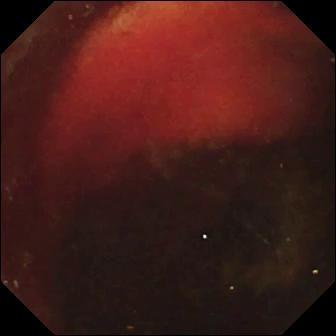{"modality": "small-bowel capsule endoscopy", "finding": "fresh blood in the lumen"}